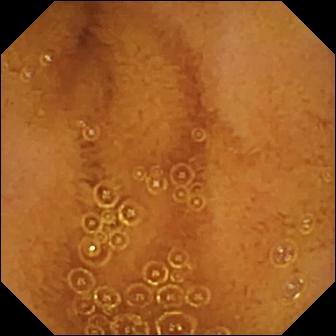- modality: WCE
- category: luminal finding
- impression: normal clean mucosa